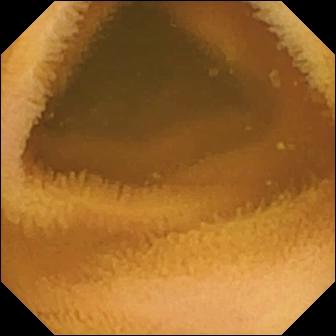Q: What does this video capsule endoscopy image show?
A: Normal clean mucosa.